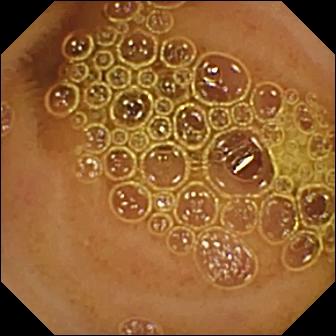PROCEDURE: Small-bowel capsule endoscopy.
FINDINGS: Normal clean mucosa.